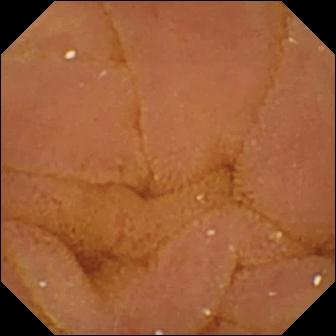Capsule endoscopy still, small intestine
Label: normal clean mucosa